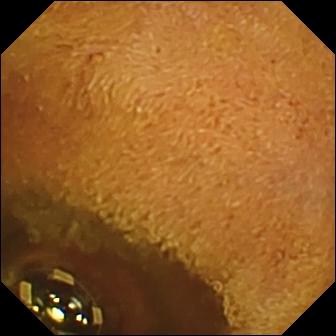Capsule endoscopy snapshot. Foreign body (e.g. retained capsule, tablet residue).